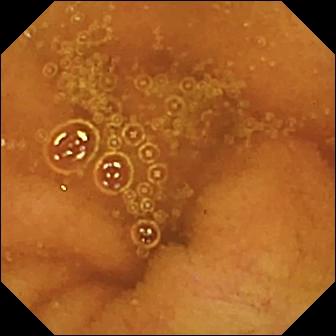- modality: capsule endoscopy
- observation: normal clean mucosa